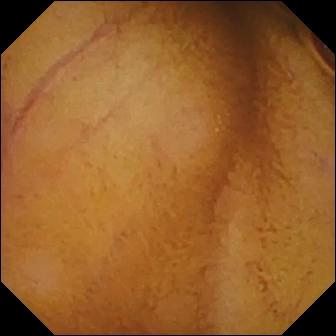modality: small-bowel capsule endoscopy; segment: small intestine; category: luminal finding; label: normal clean mucosa